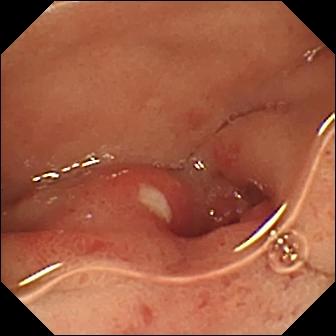Ulcer — capsule endoscopy snapshot.